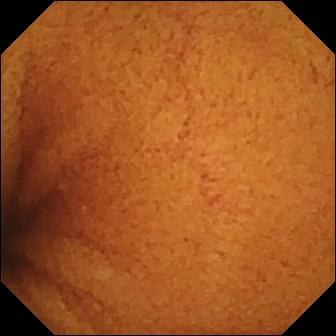This wireless capsule endoscopy view shows normal clean mucosa.